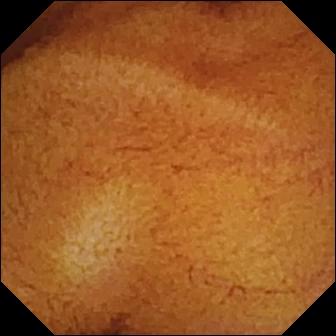Wireless capsule endoscopy — normal clean mucosa.